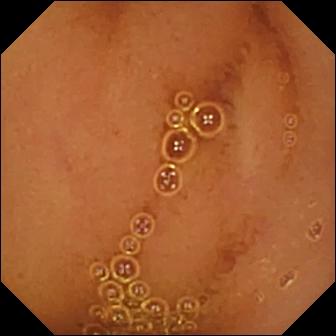{"modality": "capsule endoscopy", "finding": "normal clean mucosa"}